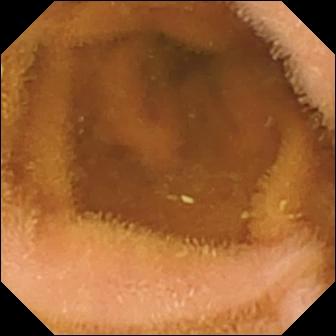Normal clean mucosa.